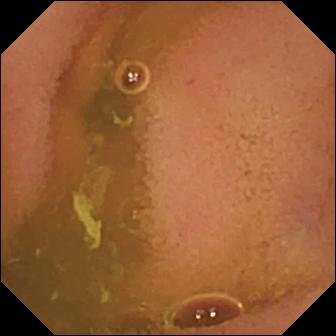This wireless capsule endoscopy frame of the small intestine shows normal clean mucosa.